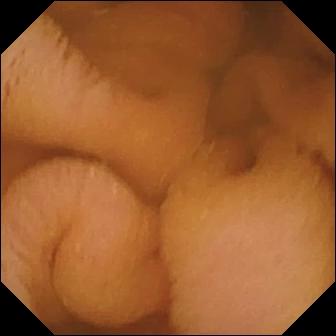{"modality": "capsule endoscopy", "segment": "small bowel", "finding": "normal clean mucosa"}